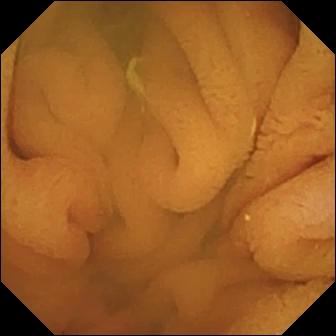Normal clean mucosa (336×336).